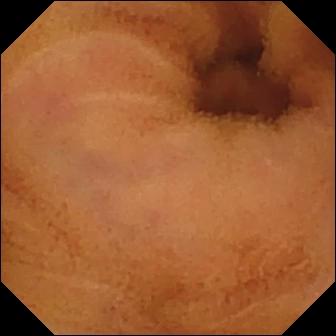This VCE view of the small intestine shows normal clean mucosa.